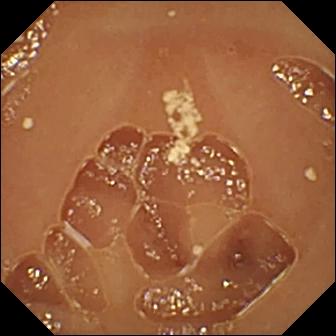modality: wireless capsule endoscopy | category: luminal finding | impression: normal clean mucosa